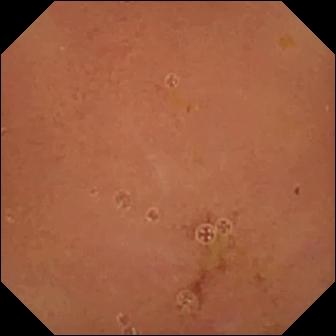Video capsule endoscopy — normal clean mucosa.